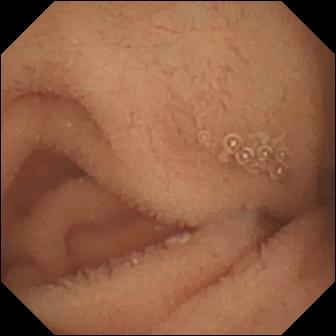Normal clean mucosa — wireless capsule endoscopy snapshot of the small intestine.